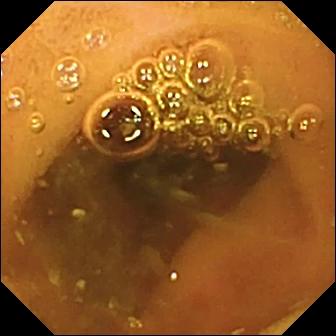Normal clean mucosa.